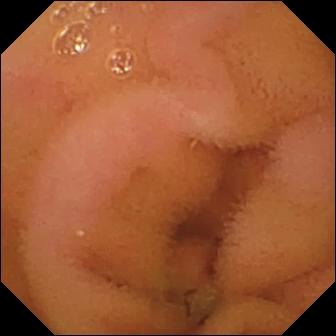WCE frame, small bowel
Impression: normal clean mucosa